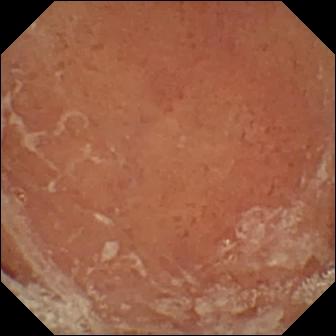WCE snapshot taken in the pylorus region.